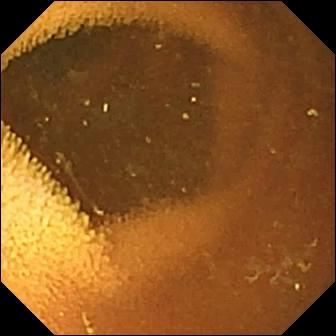Normal clean mucosa — wireless capsule endoscopy snapshot.